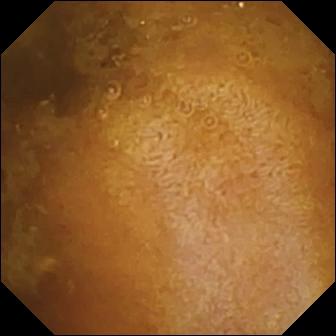Video capsule endoscopy — reduced mucosal view (content or bubbles obscuring the mucosa).